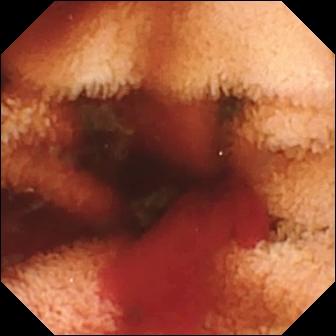modality: video capsule endoscopy
category: luminal finding
impression: fresh blood in the lumen